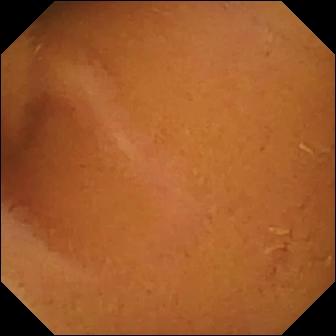Capsule endoscopy. Small intestine. Luminal finding. Impression: normal clean mucosa.